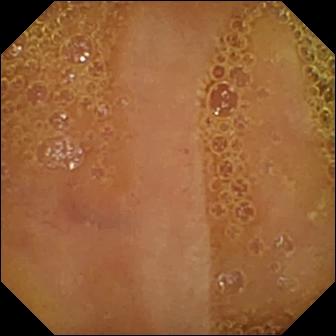modality: VCE; category: luminal finding; label: normal clean mucosa